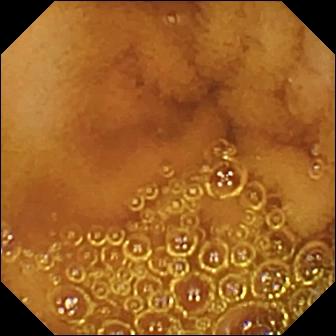This video capsule endoscopy view of the small intestine shows normal clean mucosa.